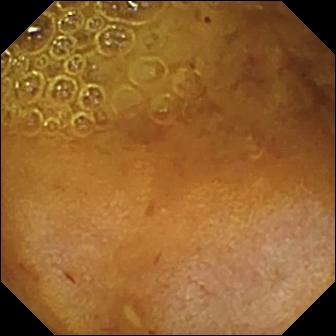PROCEDURE: Small-bowel capsule endoscopy.
FINDINGS: Reduced mucosal view (content or bubbles obscuring the mucosa).